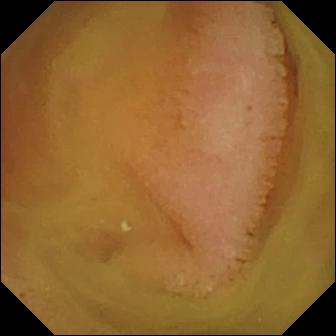Normal clean mucosa — VCE view of the small intestine.